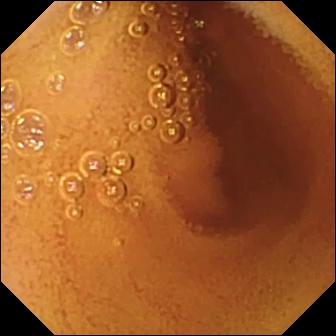Normal clean mucosa.